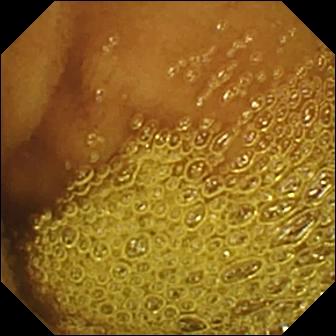PROCEDURE: Wireless capsule endoscopy.
SEGMENT: Small intestine.
FINDINGS: Normal clean mucosa.